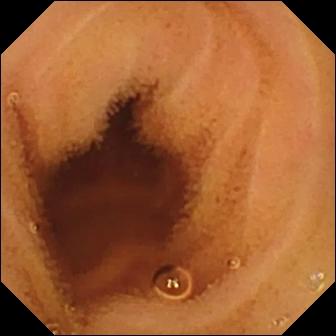- modality: WCE
- observation: normal clean mucosa